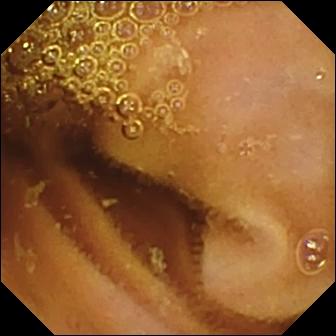PROCEDURE: WCE.
FINDINGS: Normal clean mucosa.